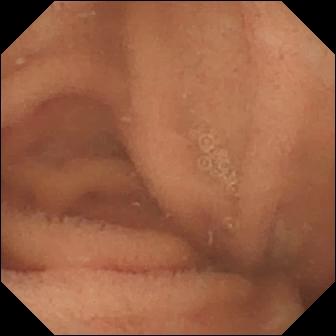- modality: small-bowel capsule endoscopy
- segment: small bowel
- impression: normal clean mucosa